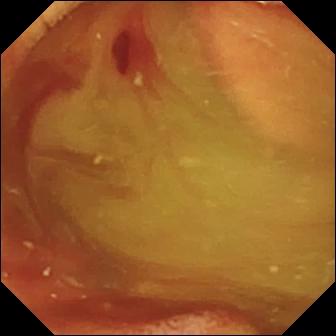Fresh blood in the lumen — capsule endoscopy image.